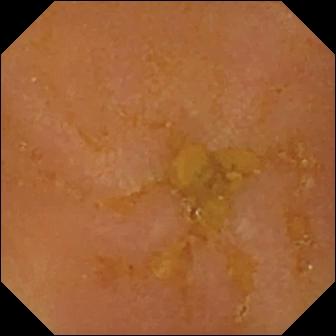Reduced mucosal view (content or bubbles obscuring the mucosa) (336×336).